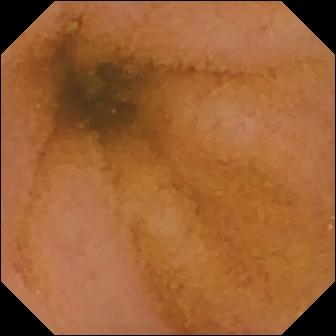Capsule endoscopy view. Normal clean mucosa.